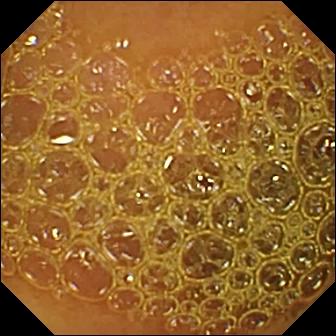Reduced mucosal view (content or bubbles obscuring the mucosa) — wireless capsule endoscopy still of the small bowel.